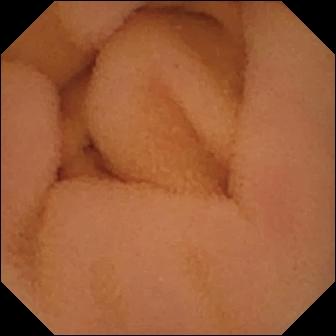Capsule endoscopy still, small bowel
Observation: normal clean mucosa